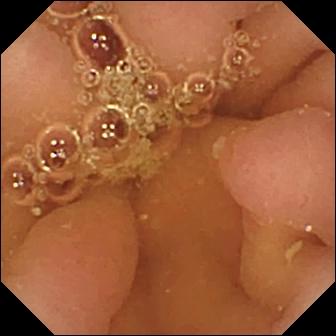modality: capsule endoscopy; position: pylorus region (the junction between the stomach and the small bowel)